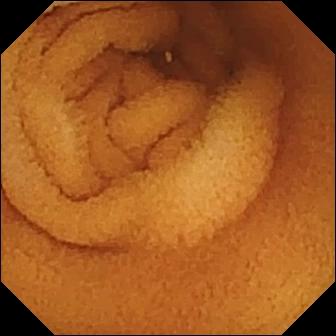Normal clean mucosa — WCE still of the small bowel.